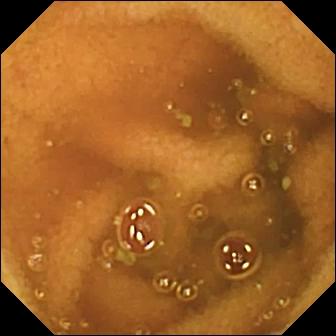Wireless capsule endoscopy — normal clean mucosa.